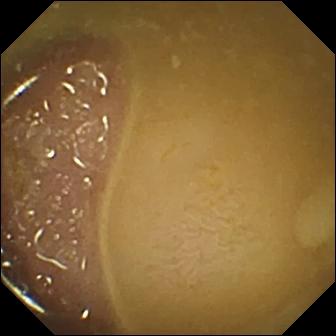WCE snapshot
Video segment: ileo-cecal valve region (where the capsule passes from the small bowel into the large bowel)